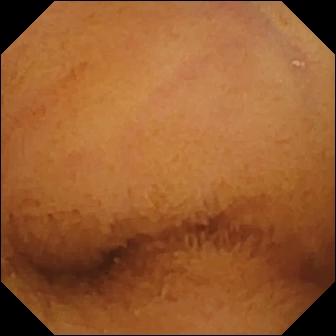Video capsule endoscopy frame (small bowel). Normal clean mucosa.